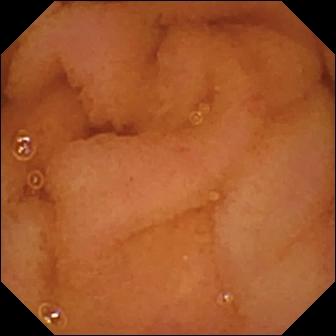This video capsule endoscopy view of the small bowel shows normal clean mucosa.